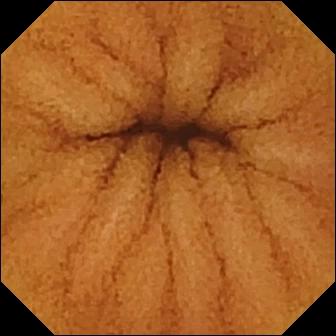Q: What does this WCE image of the small intestine show?
A: Normal clean mucosa.